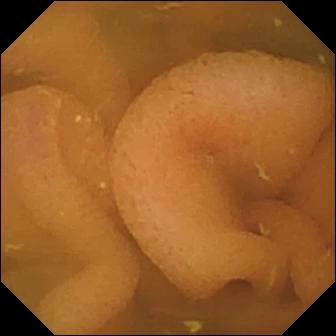Capsule endoscopy — normal clean mucosa.